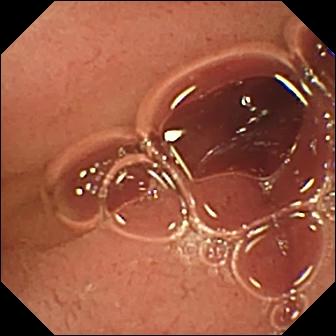Pylorus region — VCE snapshot.